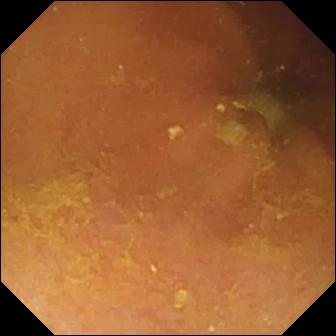modality: VCE
observation: foreign body (e.g. retained capsule, tablet residue)